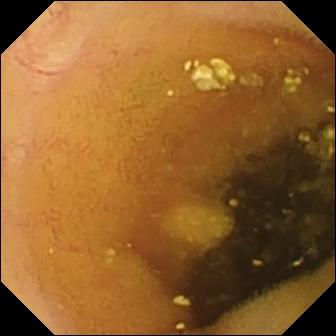PROCEDURE: Wireless capsule endoscopy.
FINDINGS: Lymphangiectasia.